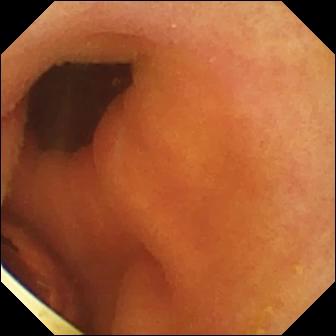Wireless capsule endoscopy. Label: foreign body (e.g. retained capsule, tablet residue).